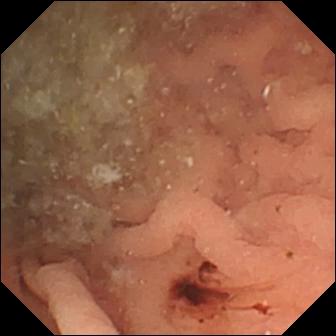- modality: wireless capsule endoscopy
- label: angiectasia